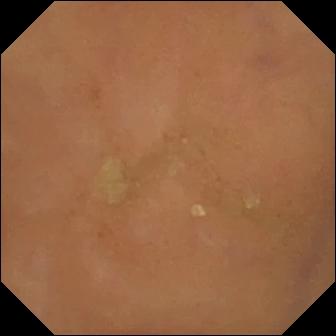Small-bowel capsule endoscopy — normal clean mucosa.